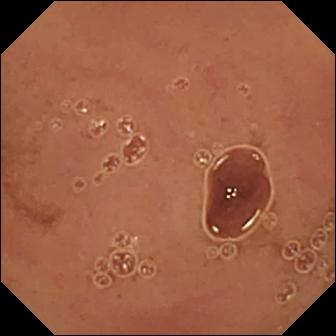Normal clean mucosa.